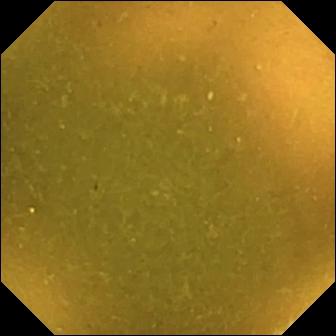Video capsule endoscopy view taken in the ileo-cecal valve region (where the capsule passes from the small bowel into the large bowel).